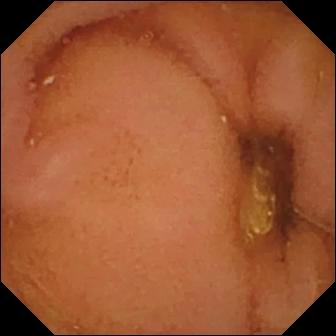Q: What does this WCE still show?
A: Normal clean mucosa.